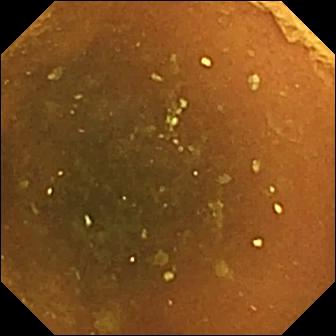Capsule endoscopy. Small intestine. Finding: normal clean mucosa.